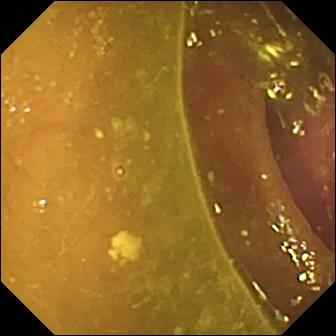VCE — reduced mucosal view (content or bubbles obscuring the mucosa).